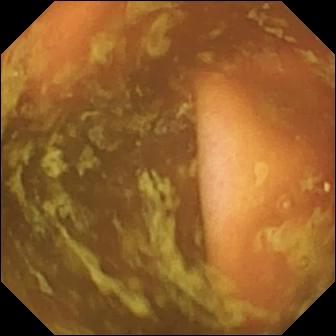Wireless capsule endoscopy. Location: ileo-cecal valve region (the transition from the small bowel to the large bowel).